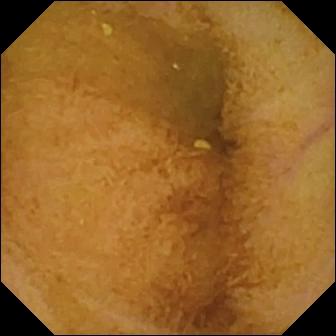{"modality": "capsule endoscopy", "finding": "normal clean mucosa"}